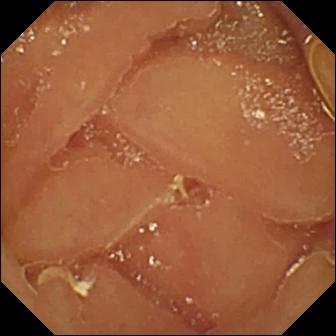Q: What does this capsule endoscopy snapshot show?
A: Normal clean mucosa.